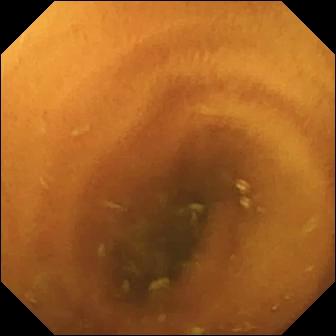This WCE still of the small intestine shows normal clean mucosa.